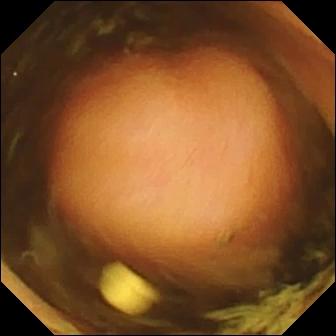Video capsule endoscopy view
Finding: polyp